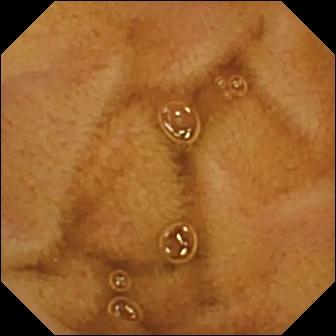Wireless capsule endoscopy image
Observation: normal clean mucosa